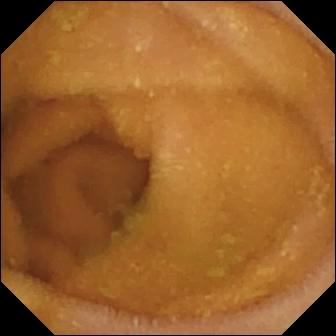Normal clean mucosa.